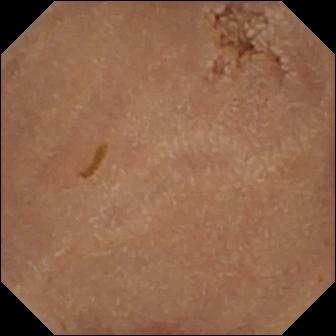Video capsule endoscopy frame. Normal clean mucosa.